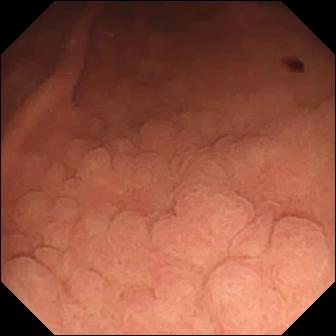- modality: VCE
- finding: angiectasia